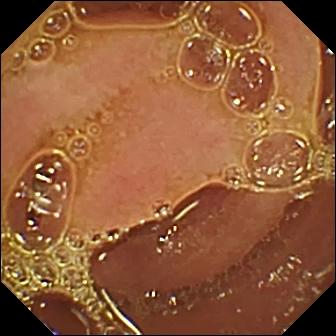Video capsule endoscopy. Finding: normal clean mucosa.